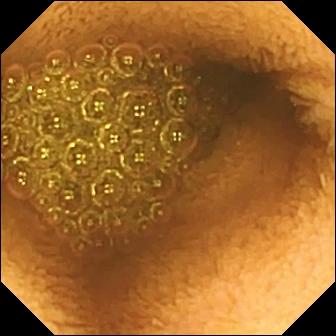PROCEDURE: Small-bowel capsule endoscopy.
SEGMENT: Small bowel.
FINDINGS: Reduced mucosal view (content or bubbles obscuring the mucosa).